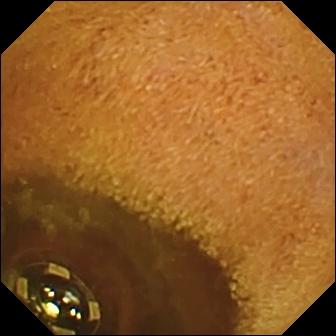Foreign body (e.g. retained capsule, tablet residue).